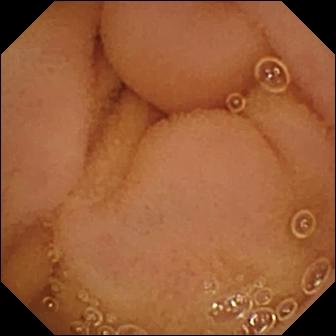modality: WCE; segment: small intestine; observation: normal clean mucosa